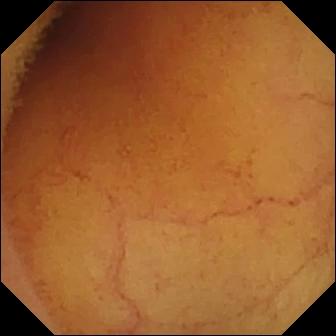WCE. Impression: normal clean mucosa.